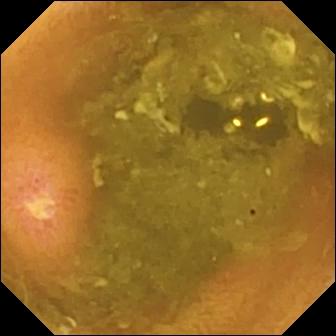PROCEDURE: Capsule endoscopy.
FINDINGS: Ulcer.